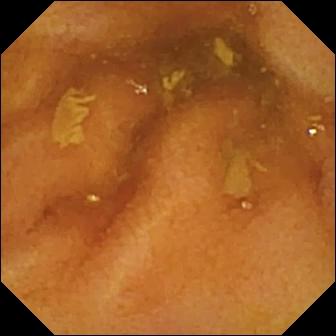PROCEDURE: Wireless capsule endoscopy.
FINDINGS: Normal clean mucosa.